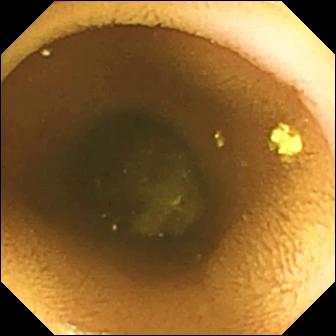Normal clean mucosa — video capsule endoscopy still of the small intestine.